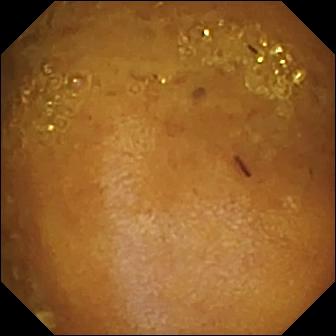Video capsule endoscopy snapshot showing reduced mucosal view (content or bubbles obscuring the mucosa).